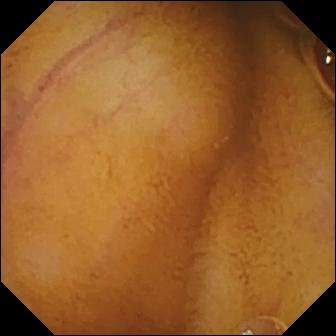Wireless capsule endoscopy frame showing normal clean mucosa.